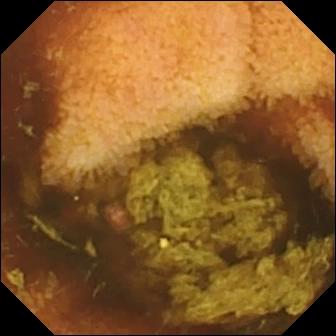PROCEDURE: VCE.
FINDINGS: Normal clean mucosa.